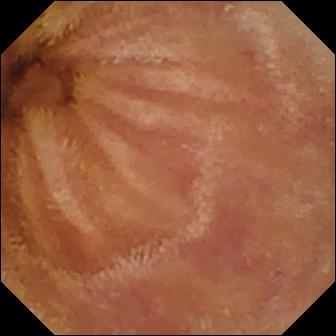Wireless capsule endoscopy snapshot of the small bowel showing normal clean mucosa.